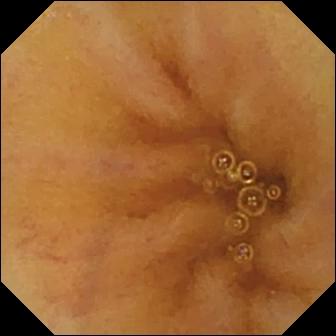Q: Where in the digestive tract was this WCE still taken?
A: Ileo-cecal valve region (the transition from the small bowel to the large bowel).